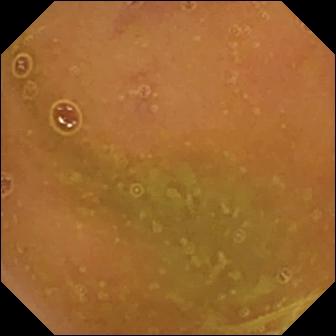PROCEDURE: VCE.
SEGMENT: Small bowel.
FINDINGS: Normal clean mucosa.